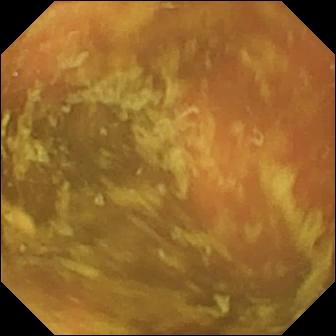PROCEDURE: Video capsule endoscopy.
VIDEO SEGMENT: Ileo-cecal valve region (where the capsule passes from the small bowel into the large bowel).